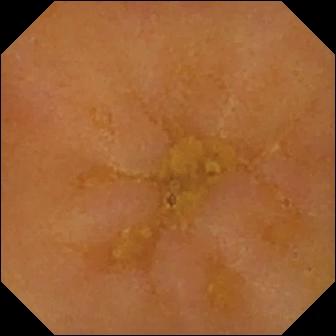This video capsule endoscopy snapshot of the small bowel shows reduced mucosal view (content or bubbles obscuring the mucosa).